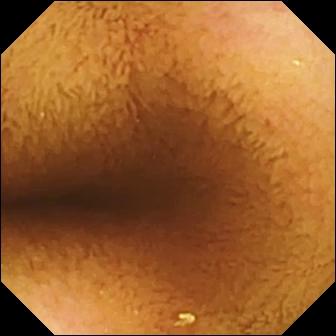This WCE snapshot of the small intestine shows normal clean mucosa.